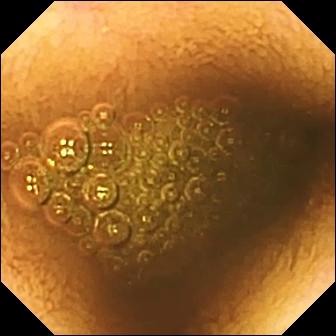This capsule endoscopy snapshot shows reduced mucosal view (content or bubbles obscuring the mucosa).